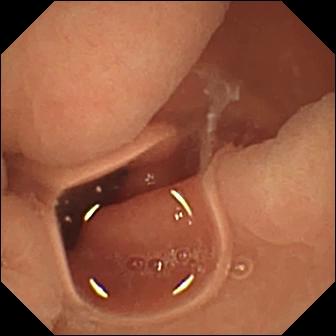Small-bowel capsule endoscopy. Label: normal clean mucosa.